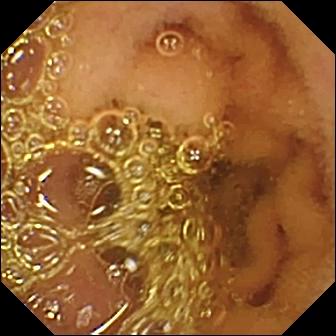This small-bowel capsule endoscopy snapshot shows normal clean mucosa.